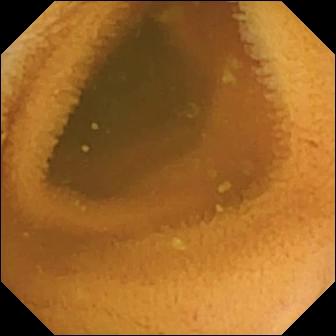Small-bowel capsule endoscopy. Label: normal clean mucosa.